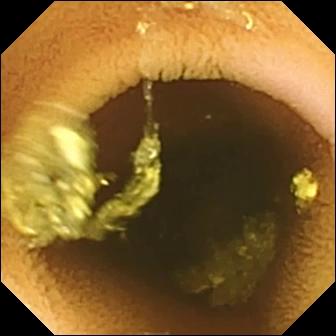Capsule endoscopy — normal clean mucosa.